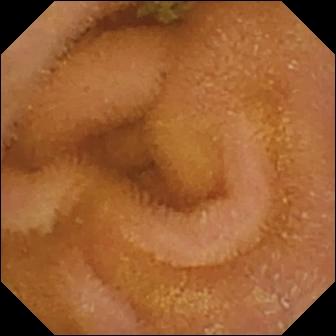VCE — normal clean mucosa.